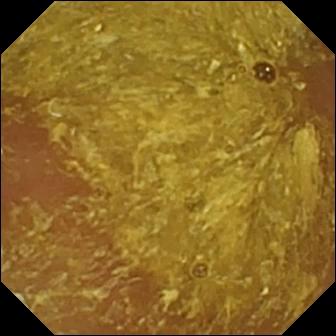Capsule endoscopy — reduced mucosal view (content or bubbles obscuring the mucosa).